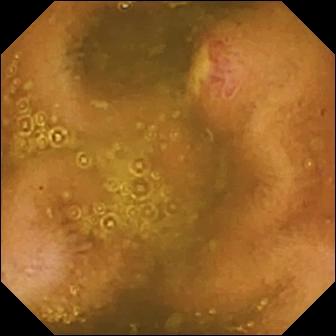PROCEDURE: Wireless capsule endoscopy.
FINDINGS: Ulcer.